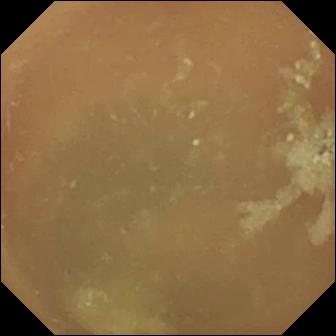This WCE frame shows normal clean mucosa.